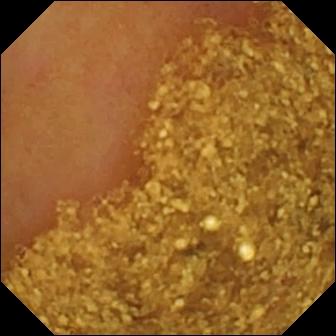- modality: capsule endoscopy
- label: ileo-cecal valve region (where the capsule passes from the small bowel into the large bowel)